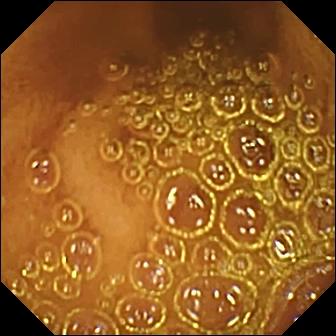Normal clean mucosa.